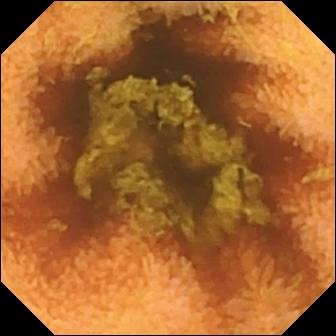{"modality": "video capsule endoscopy", "category": "luminal finding", "finding": "normal clean mucosa"}